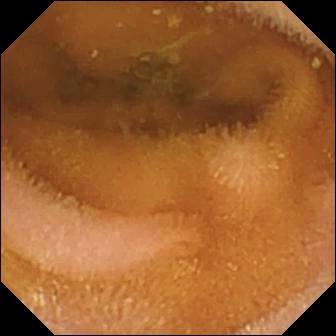Wireless capsule endoscopy. Small bowel. Impression: normal clean mucosa.